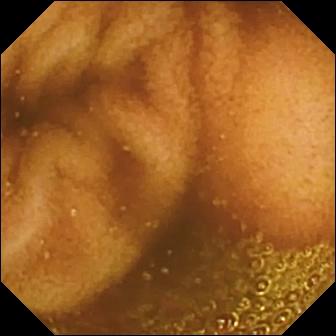Normal clean mucosa — VCE snapshot of the small intestine.